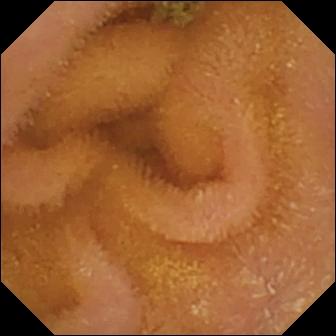PROCEDURE: Wireless capsule endoscopy.
SEGMENT: Small intestine.
FINDINGS: Normal clean mucosa.